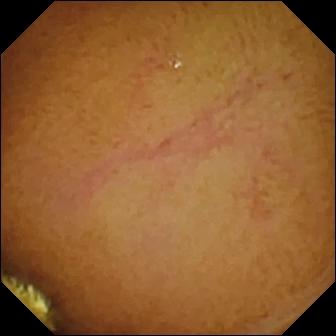Small-bowel capsule endoscopy — normal clean mucosa.